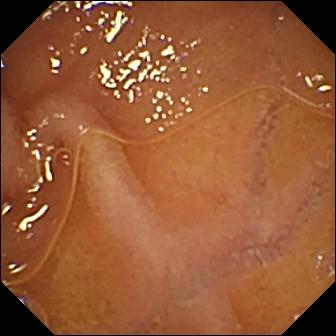PROCEDURE: Small-bowel capsule endoscopy.
SEGMENT: Small bowel.
FINDINGS: Normal clean mucosa.